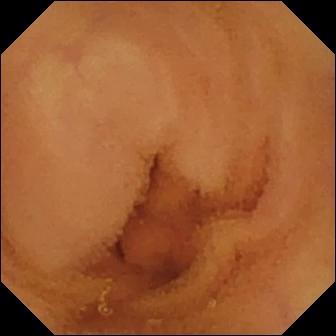Capsule endoscopy. Label: normal clean mucosa.